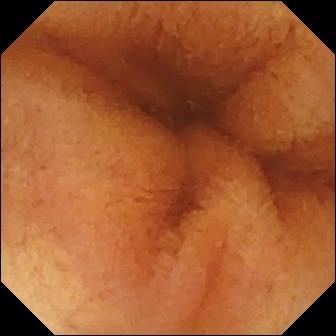Normal clean mucosa.